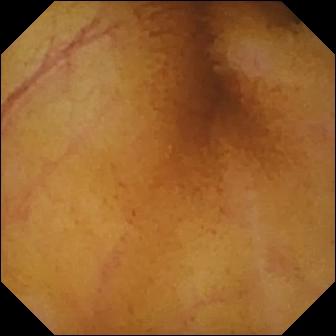Normal clean mucosa — WCE image of the small intestine.